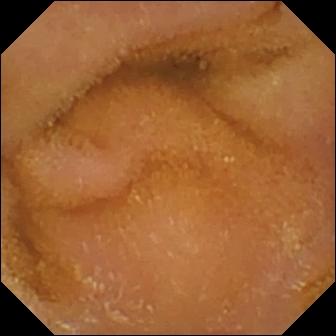{"modality": "small-bowel capsule endoscopy", "finding": "normal clean mucosa"}